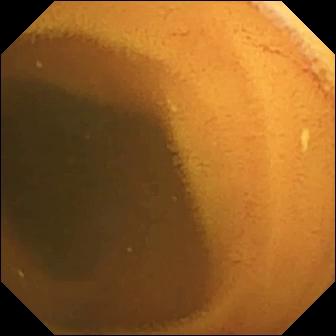Video capsule endoscopy snapshot showing normal clean mucosa.